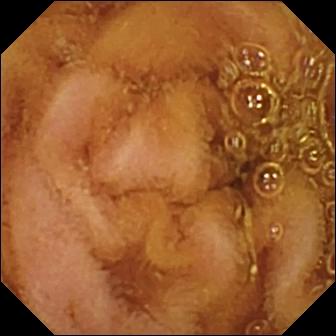Small-bowel capsule endoscopy — normal clean mucosa.